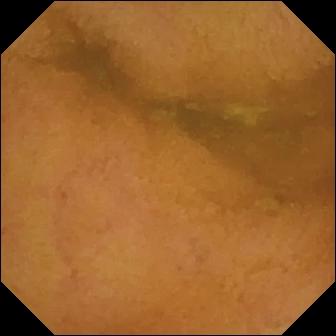Normal clean mucosa.